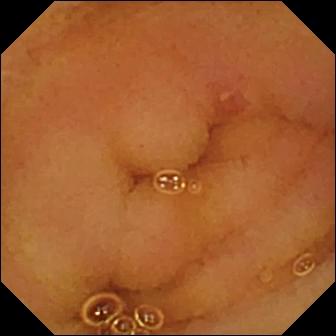Erosion — wireless capsule endoscopy frame.